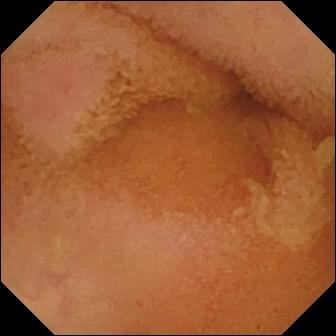WCE frame showing normal clean mucosa.